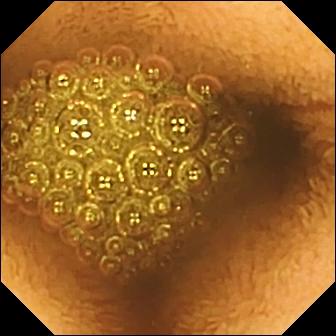WCE still
Impression: reduced mucosal view (content or bubbles obscuring the mucosa)